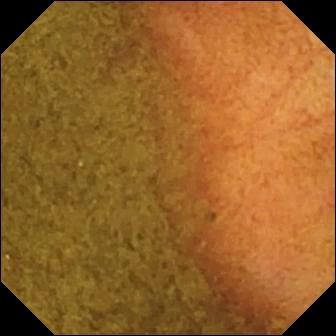Ileo-cecal valve region.